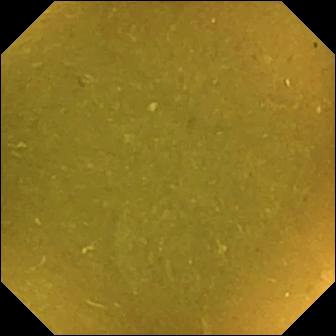VCE. Position: ileo-cecal valve region (the transition from the small bowel to the large bowel).